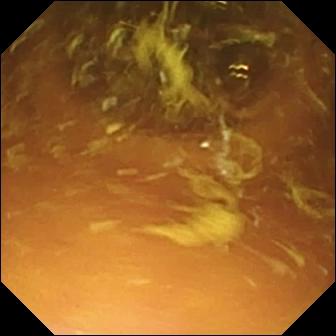Normal clean mucosa (336×336).